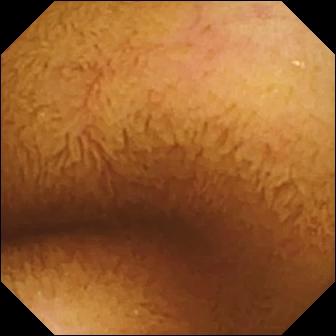VCE — normal clean mucosa.